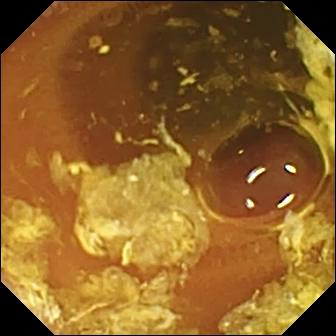- modality: video capsule endoscopy
- impression: normal clean mucosa